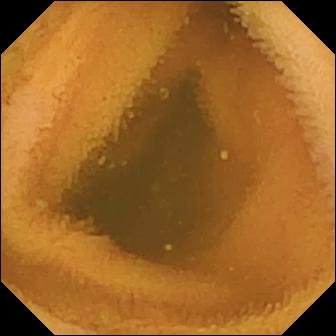Wireless capsule endoscopy. Observation: normal clean mucosa.